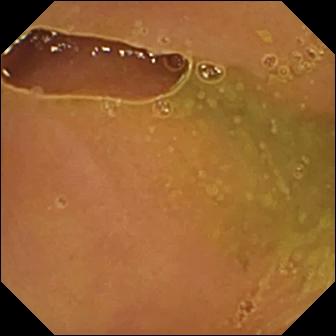- modality: wireless capsule endoscopy
- segment: small bowel
- finding: normal clean mucosa